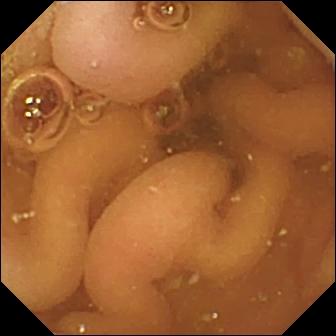modality: wireless capsule endoscopy
location: pylorus region (the junction between the stomach and the small bowel)